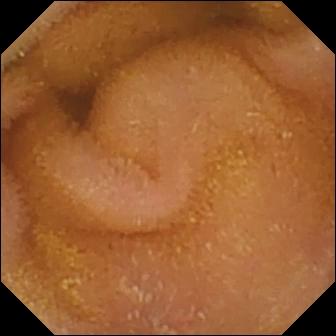WCE. Observation: normal clean mucosa.